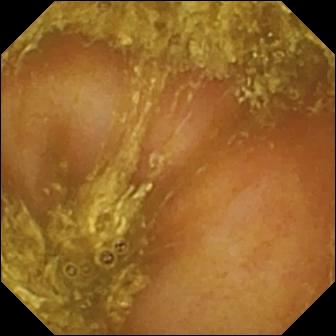PROCEDURE: Small-bowel capsule endoscopy.
FINDINGS: Reduced mucosal view (content or bubbles obscuring the mucosa).